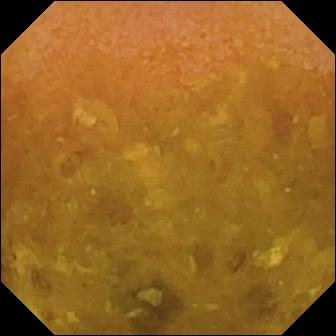This capsule endoscopy view shows reduced mucosal view (content or bubbles obscuring the mucosa).